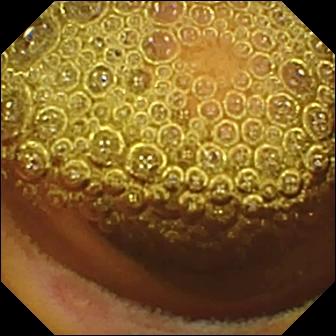- modality: wireless capsule endoscopy
- finding: erosion